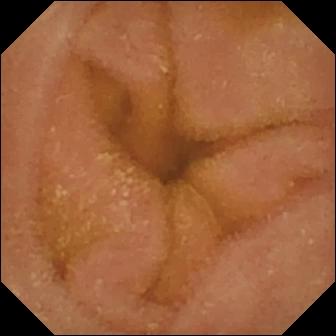Small-bowel capsule endoscopy snapshot (small bowel). Normal clean mucosa.